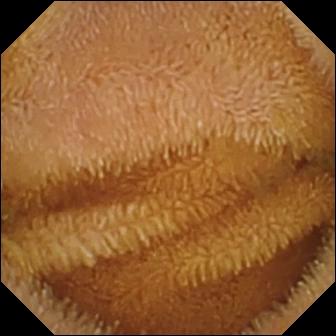This WCE view of the small intestine shows normal clean mucosa.